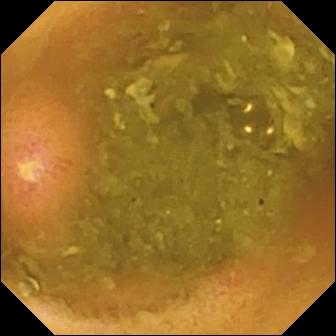- modality: WCE
- observation: ulcer